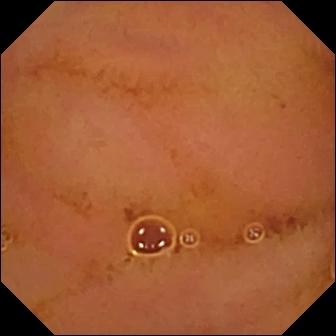modality: WCE
impression: normal clean mucosa